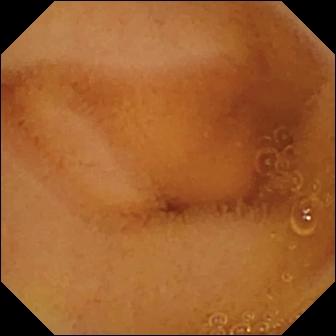Q: What does this capsule endoscopy view show?
A: Normal clean mucosa.